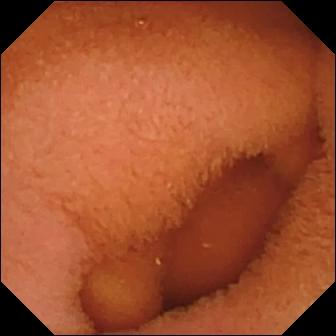Small-bowel capsule endoscopy frame. Normal clean mucosa.